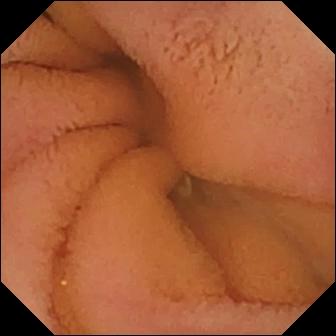VCE snapshot (small bowel). Normal clean mucosa.